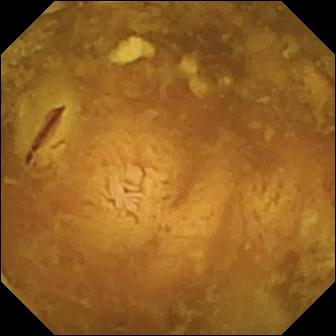PROCEDURE: Wireless capsule endoscopy.
SEGMENT: Small bowel.
FINDINGS: Reduced mucosal view (content or bubbles obscuring the mucosa).